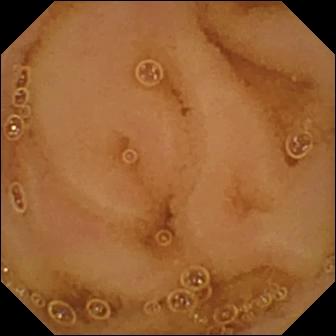VCE. Finding: normal clean mucosa.